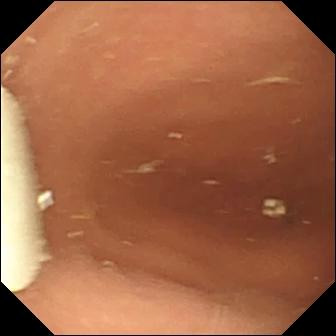Foreign body (e.g. retained capsule, tablet residue).